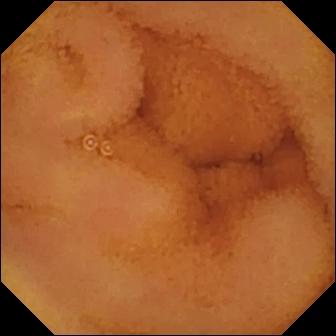modality: video capsule endoscopy; segment: small bowel; observation: normal clean mucosa